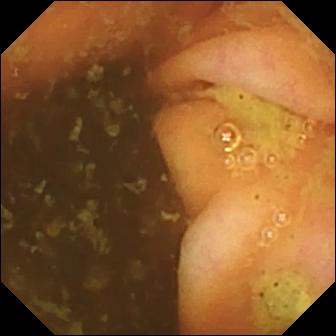Ileo-cecal valve region (the transition from the small bowel to the large bowel), 336×336.